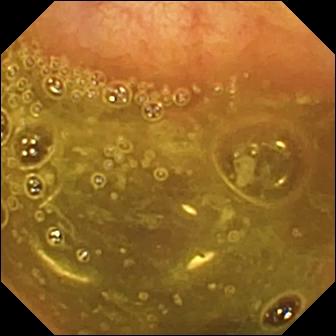Video capsule endoscopy — ileo-cecal valve region (where the capsule passes from the small bowel into the large bowel).